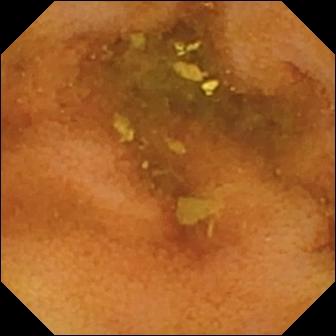Normal clean mucosa.